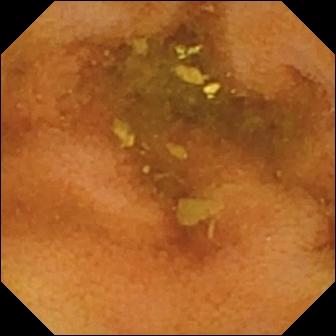Capsule endoscopy snapshot showing normal clean mucosa.